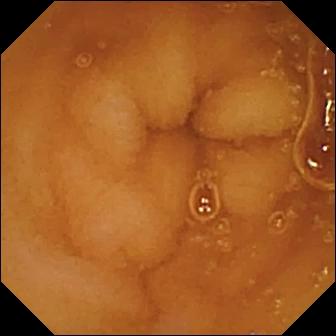{"modality": "video capsule endoscopy", "segment": "small intestine", "finding": "normal clean mucosa"}